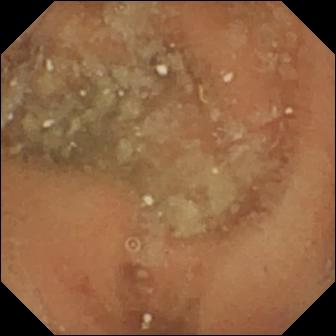- modality: small-bowel capsule endoscopy
- impression: normal clean mucosa